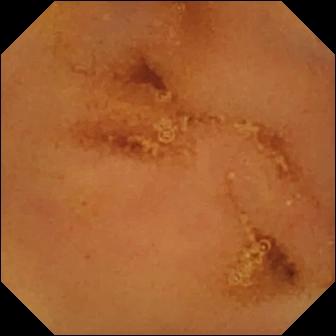Video capsule endoscopy. Observation: normal clean mucosa.